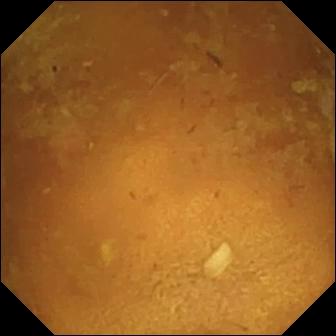This WCE snapshot of the small bowel shows reduced mucosal view (content or bubbles obscuring the mucosa).